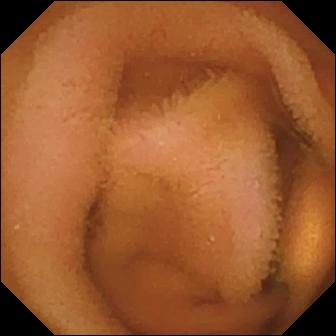- modality: wireless capsule endoscopy
- segment: small intestine
- category: luminal finding
- finding: normal clean mucosa